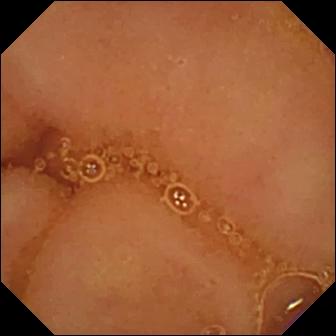VCE view showing normal clean mucosa.